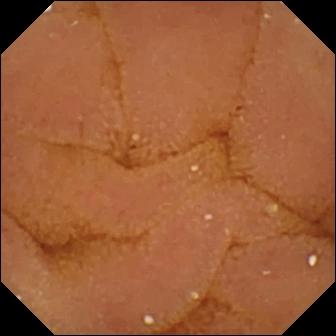Small-bowel capsule endoscopy still
Label: normal clean mucosa